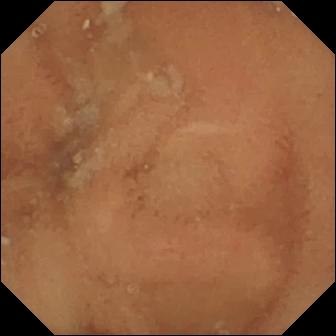{"modality": "VCE", "segment": "small intestine", "category": "luminal finding", "finding": "normal clean mucosa"}